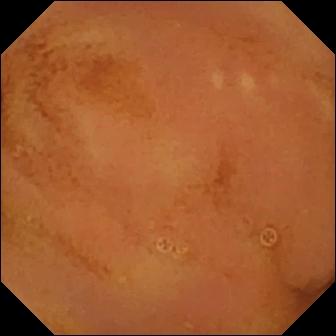Wireless capsule endoscopy view. Normal clean mucosa.